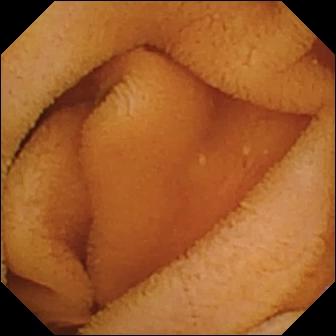Capsule endoscopy snapshot of the small intestine showing normal clean mucosa.